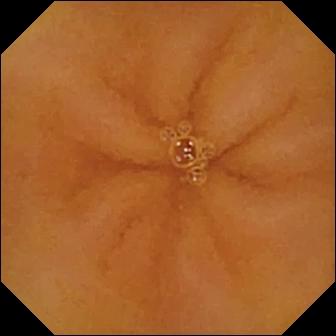Wireless capsule endoscopy. Luminal finding. Label: normal clean mucosa.